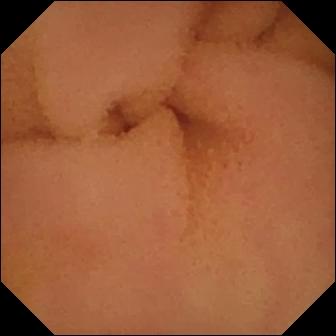PROCEDURE: Capsule endoscopy.
SEGMENT: Small bowel.
FINDINGS: Normal clean mucosa.